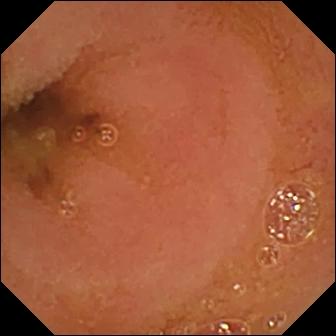This video capsule endoscopy image of the small intestine shows normal clean mucosa.